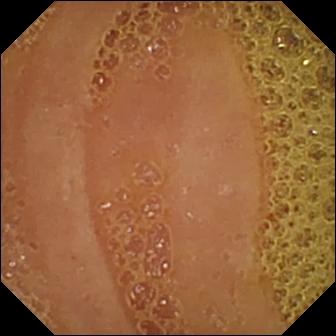- modality: VCE
- segment: small bowel
- category: luminal finding
- observation: normal clean mucosa